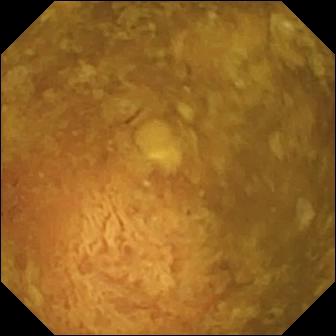VCE snapshot
Label: reduced mucosal view (content or bubbles obscuring the mucosa)